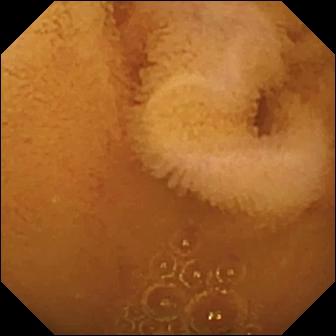{"modality": "wireless capsule endoscopy", "finding": "normal clean mucosa"}